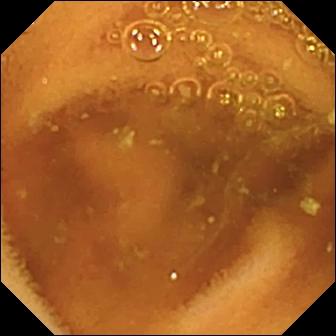modality: VCE
segment: small bowel
impression: normal clean mucosa